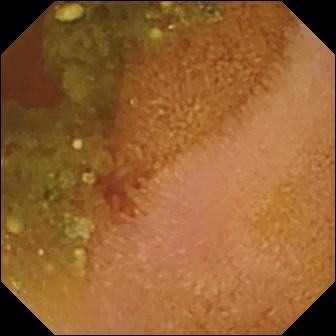Q: What does this capsule endoscopy view show?
A: Erosion.